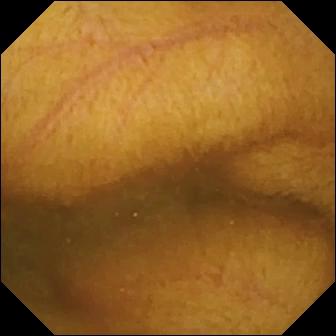PROCEDURE: VCE.
SEGMENT: Small intestine.
FINDINGS: Normal clean mucosa.